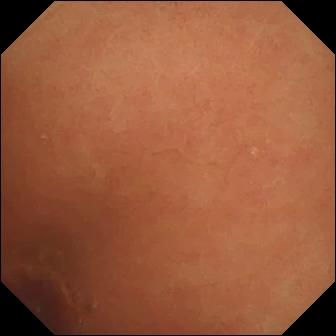WCE — normal clean mucosa.